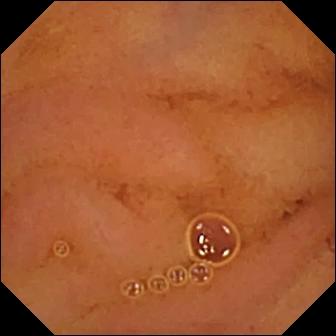PROCEDURE: Small-bowel capsule endoscopy.
FINDINGS: Normal clean mucosa.